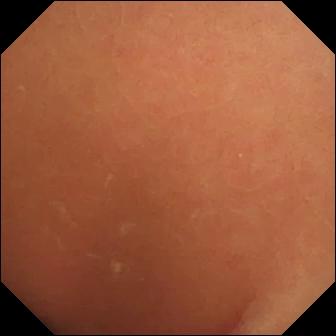Q: What does this wireless capsule endoscopy snapshot show?
A: Normal clean mucosa.